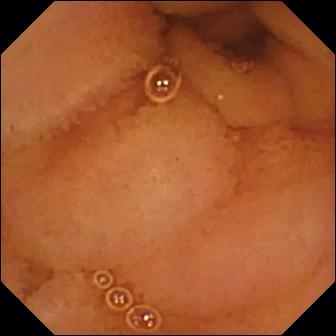VCE — normal clean mucosa.